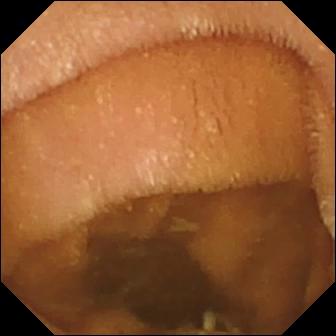WCE view
Observation: normal clean mucosa